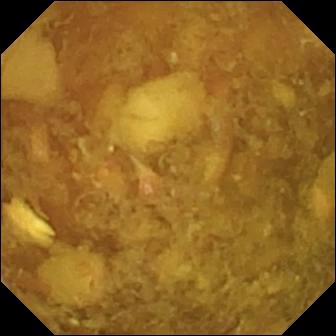Small-bowel capsule endoscopy snapshot
Observation: reduced mucosal view (content or bubbles obscuring the mucosa)